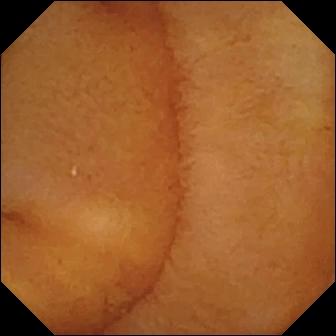VCE. Finding: normal clean mucosa.